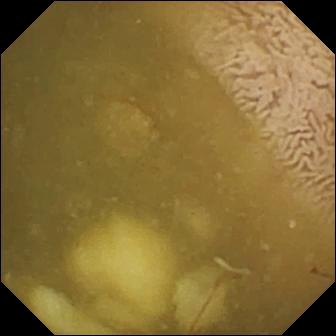PROCEDURE: Video capsule endoscopy.
LOCATION: Ileo-cecal valve region.